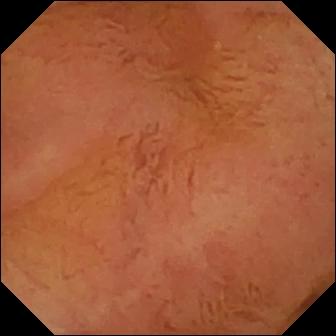VCE. Impression: normal clean mucosa.